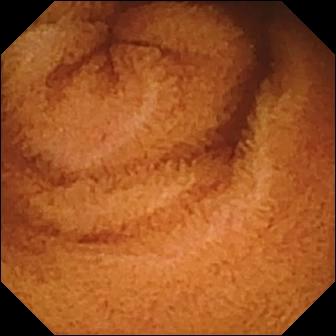Wireless capsule endoscopy. Small intestine. Luminal finding. Impression: normal clean mucosa.